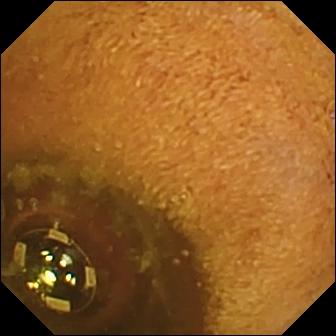Q: What does this capsule endoscopy view show?
A: Foreign body (e.g. retained capsule, tablet residue).